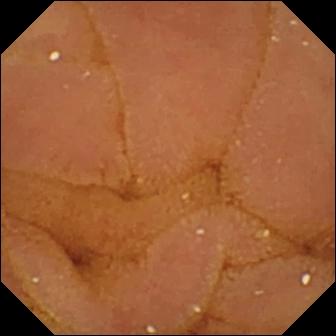- modality: wireless capsule endoscopy
- segment: small intestine
- impression: normal clean mucosa